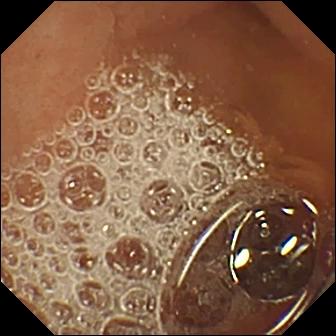VCE — normal clean mucosa.